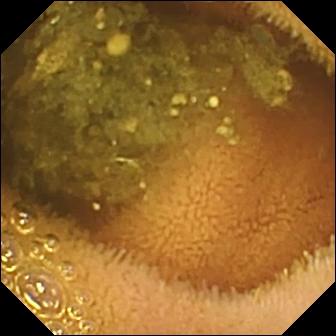Small-bowel capsule endoscopy. Observation: reduced mucosal view (content or bubbles obscuring the mucosa).